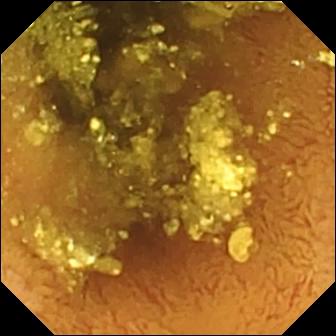modality: capsule endoscopy | impression: normal clean mucosa